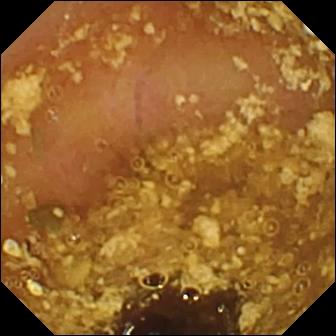Q: What does this small-bowel capsule endoscopy snapshot show?
A: Reduced mucosal view (content or bubbles obscuring the mucosa).